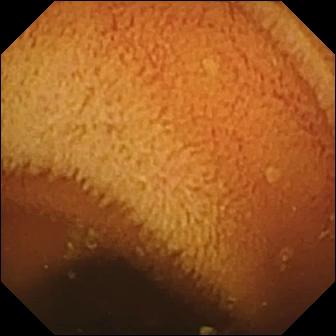- modality: wireless capsule endoscopy
- segment: small bowel
- observation: normal clean mucosa